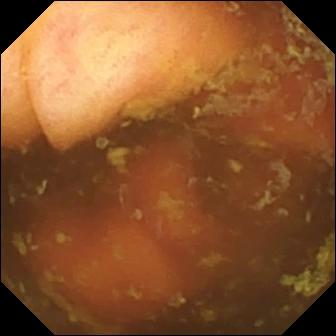Capsule endoscopy view. Taken in the ileo-cecal valve region (the transition from the small bowel to the large bowel).